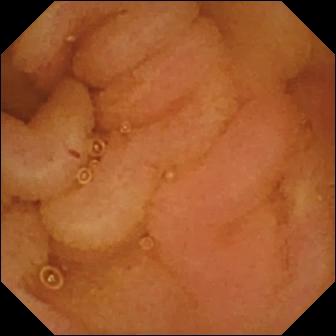This WCE view shows normal clean mucosa.